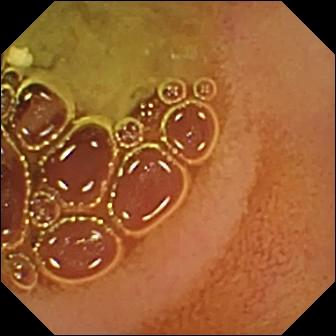Wireless capsule endoscopy — normal clean mucosa.